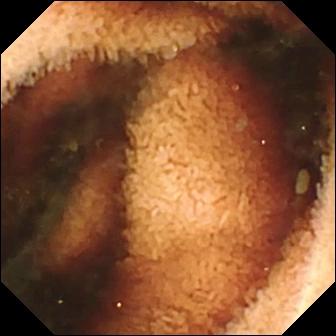Small-bowel capsule endoscopy still showing fresh blood in the lumen.